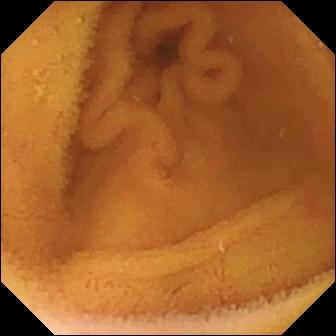{"modality": "small-bowel capsule endoscopy", "finding": "normal clean mucosa"}